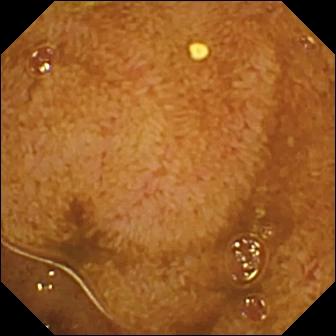WCE view. Taken in the ileo-cecal valve region.